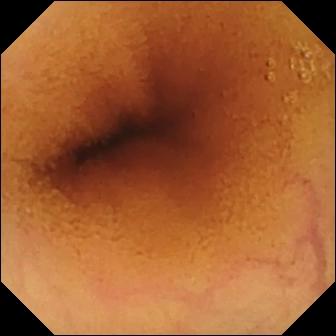This small-bowel capsule endoscopy view of the small bowel shows normal clean mucosa.